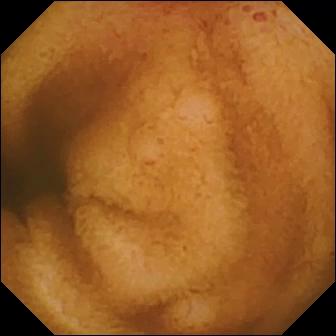{"modality": "video capsule endoscopy", "finding": "erosion"}